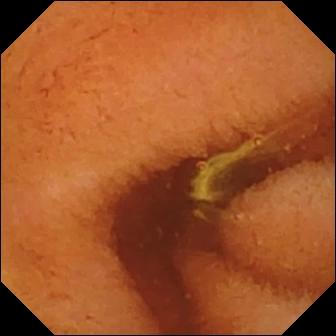{"modality": "video capsule endoscopy", "segment": "small bowel", "finding": "normal clean mucosa"}